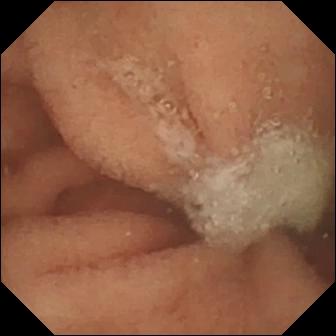WCE frame (small bowel). Normal clean mucosa.